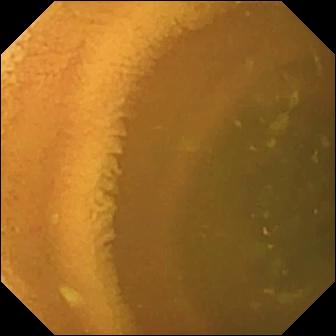Normal clean mucosa — capsule endoscopy image.